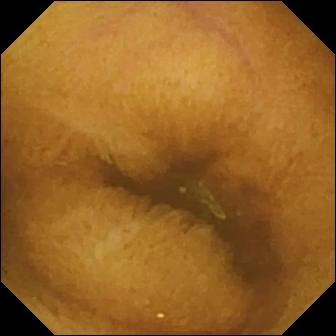{"modality": "small-bowel capsule endoscopy", "segment": "small intestine", "finding": "normal clean mucosa"}